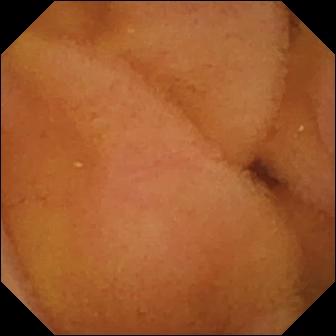Capsule endoscopy. Finding: normal clean mucosa.